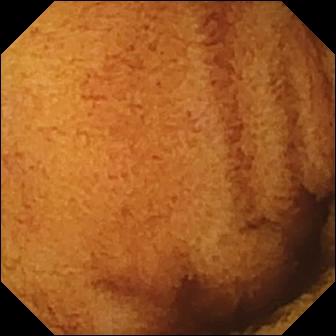Normal clean mucosa.